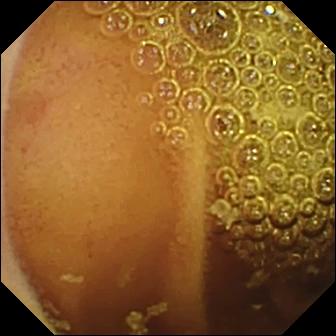This small-bowel capsule endoscopy view shows normal clean mucosa.